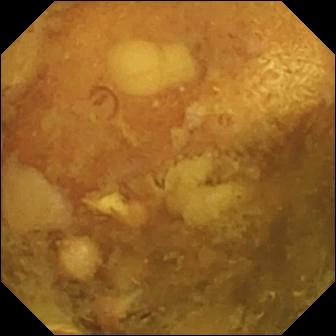Reduced mucosal view (content or bubbles obscuring the mucosa) — wireless capsule endoscopy snapshot.